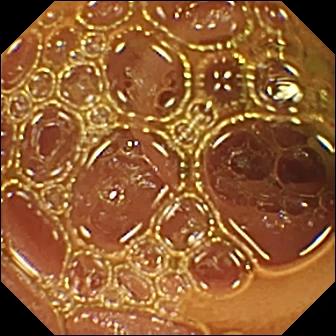WCE snapshot, 336×336. Normal clean mucosa.